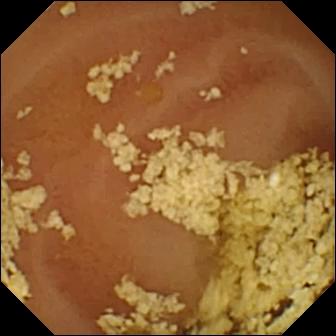- modality: video capsule endoscopy
- observation: normal clean mucosa